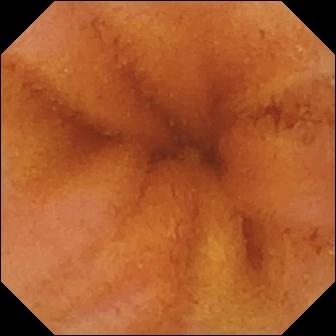modality: small-bowel capsule endoscopy | label: normal clean mucosa